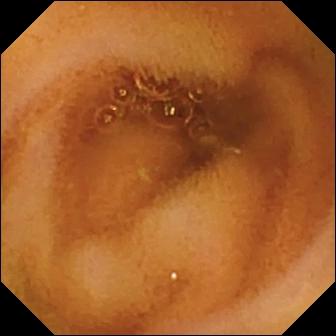{"modality": "wireless capsule endoscopy", "finding": "normal clean mucosa"}